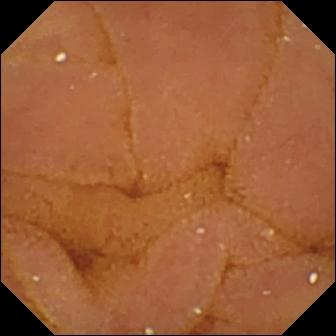Q: What does this VCE view show?
A: Normal clean mucosa.